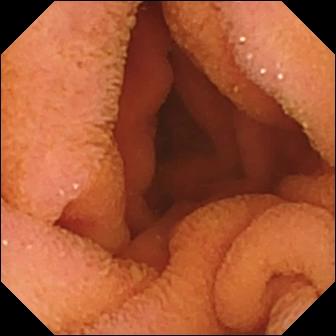modality: capsule endoscopy | finding: normal clean mucosa